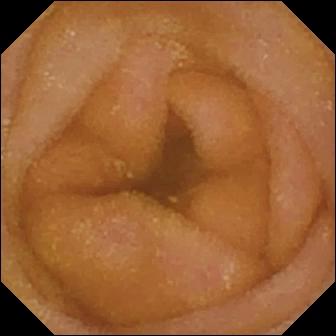Normal clean mucosa — capsule endoscopy image.